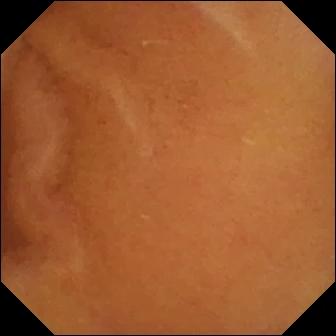Video capsule endoscopy — normal clean mucosa.